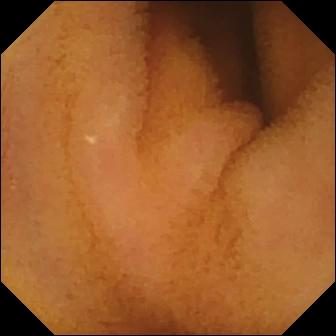{"modality": "video capsule endoscopy", "segment": "small bowel", "finding": "normal clean mucosa"}